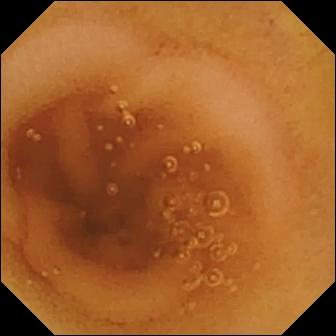Q: What does this wireless capsule endoscopy view of the small bowel show?
A: Normal clean mucosa.